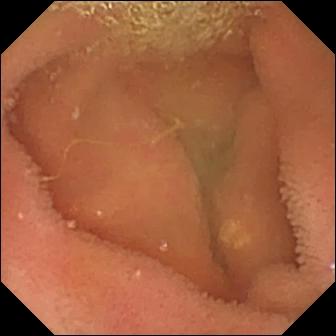Lymphangiectasia.